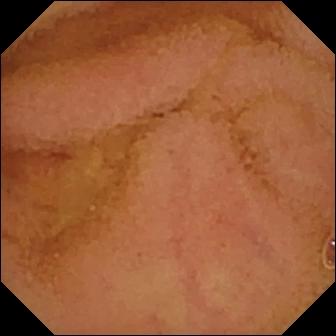Normal clean mucosa — small-bowel capsule endoscopy still.